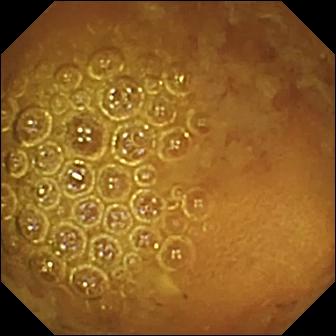Small-bowel capsule endoscopy — reduced mucosal view (content or bubbles obscuring the mucosa).